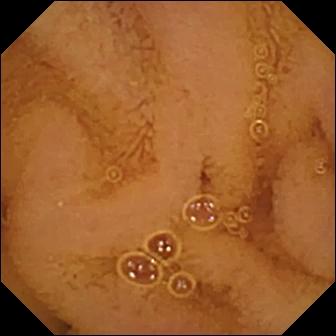Normal clean mucosa — VCE image of the small intestine.